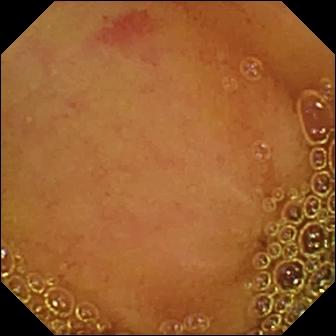Angiectasia — small-bowel capsule endoscopy snapshot.